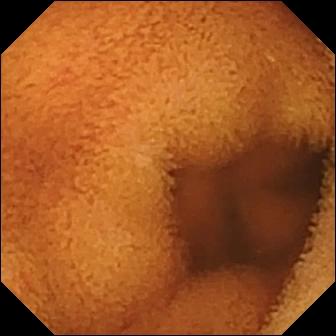WCE still showing normal clean mucosa.